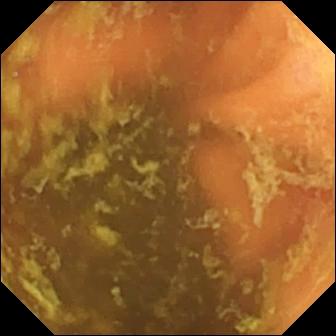Ileo-cecal valve region (where the capsule passes from the small bowel into the large bowel) — capsule endoscopy snapshot.